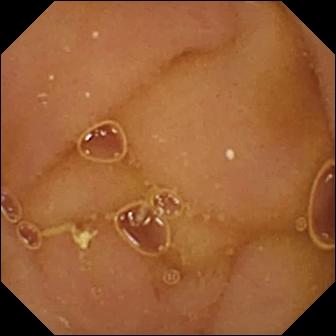VCE — normal clean mucosa.